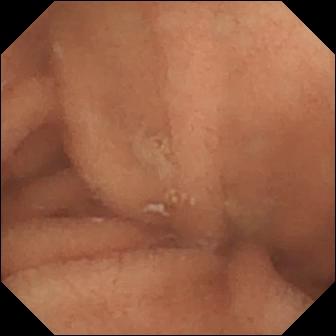PROCEDURE: Small-bowel capsule endoscopy.
SEGMENT: Small bowel.
FINDINGS: Normal clean mucosa.